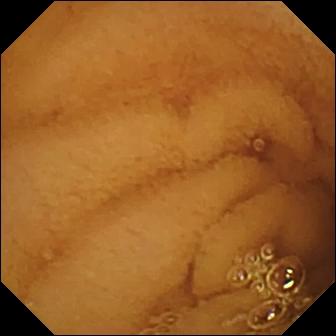Normal clean mucosa.